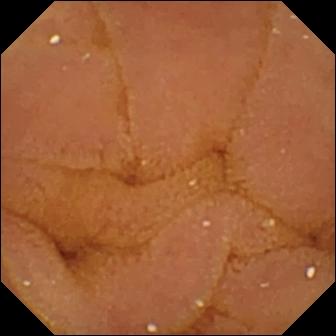Q: What does this WCE image show?
A: Normal clean mucosa.